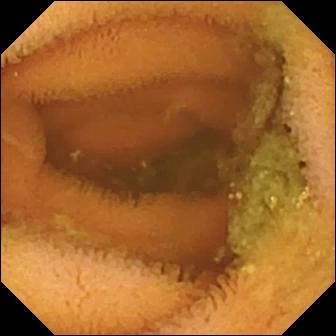This wireless capsule endoscopy snapshot of the small bowel shows normal clean mucosa.